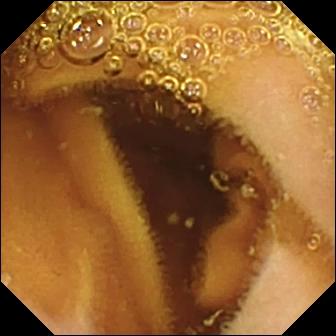VCE frame. Normal clean mucosa.